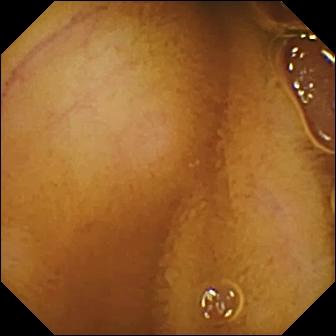Capsule endoscopy still. Normal clean mucosa.